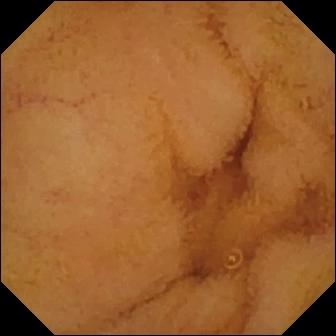Video capsule endoscopy image (small bowel). Normal clean mucosa.